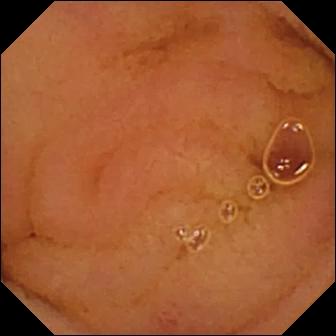Wireless capsule endoscopy — normal clean mucosa.